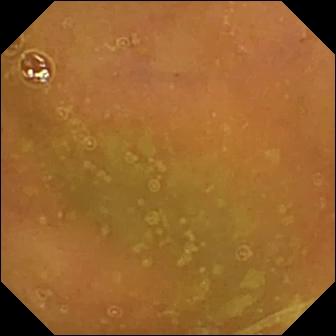PROCEDURE: Small-bowel capsule endoscopy.
FINDINGS: Normal clean mucosa.